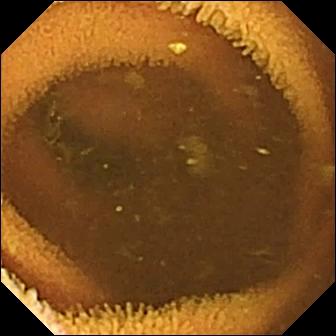Normal clean mucosa — VCE view of the small intestine.